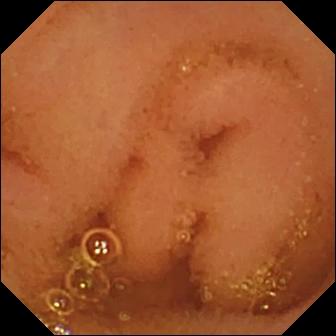{"modality": "VCE", "finding": "normal clean mucosa"}